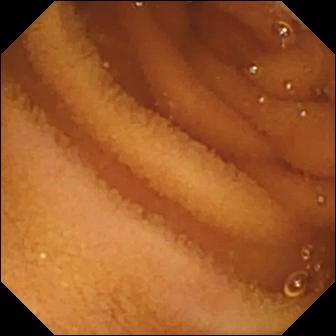PROCEDURE: Video capsule endoscopy.
SEGMENT: Small intestine.
FINDINGS: Normal clean mucosa.